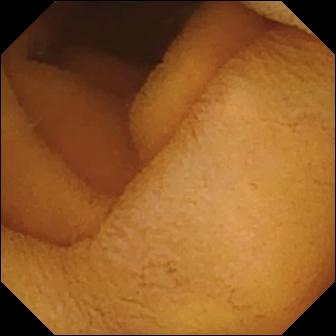PROCEDURE: Capsule endoscopy.
FINDINGS: Normal clean mucosa.